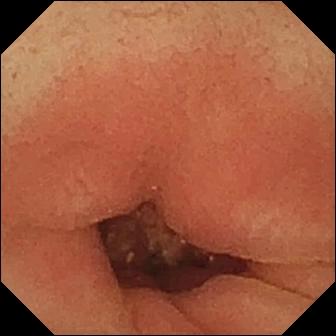Capsule endoscopy view taken in the pylorus region.